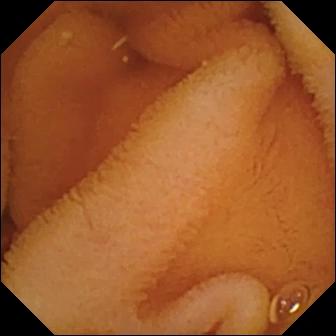{"modality": "wireless capsule endoscopy", "finding": "normal clean mucosa"}